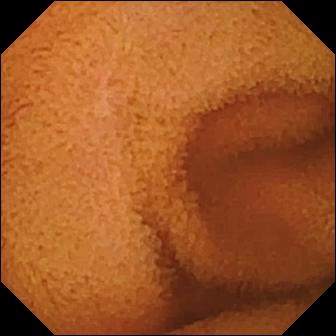Wireless capsule endoscopy. Luminal finding. Label: normal clean mucosa.